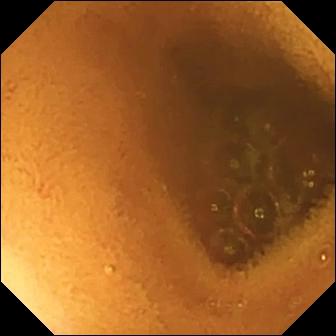Normal clean mucosa.